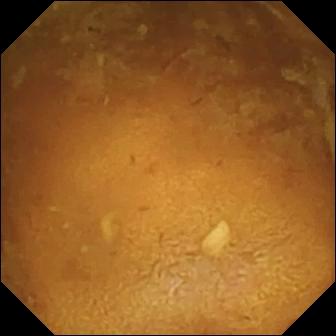WCE frame (small bowel). Reduced mucosal view (content or bubbles obscuring the mucosa).